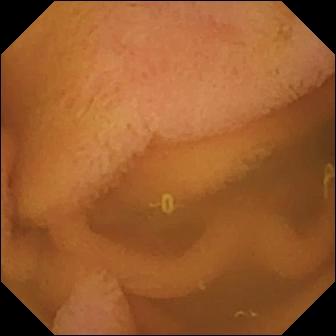Wireless capsule endoscopy frame
Finding: normal clean mucosa